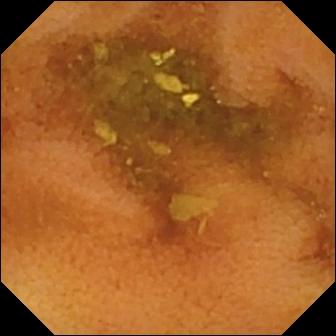modality: WCE | label: normal clean mucosa